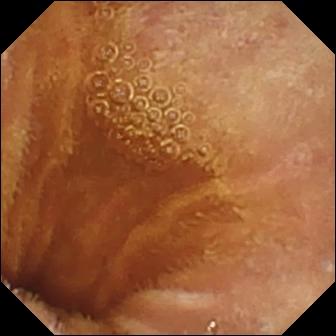Normal clean mucosa — video capsule endoscopy frame.